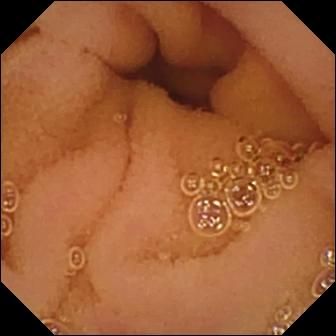modality: WCE
category: luminal finding
impression: normal clean mucosa